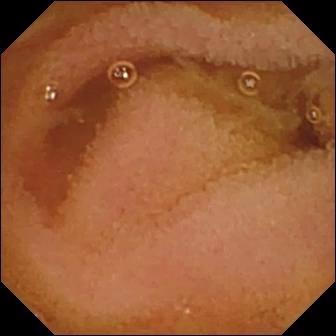Video capsule endoscopy frame (small bowel). Normal clean mucosa.